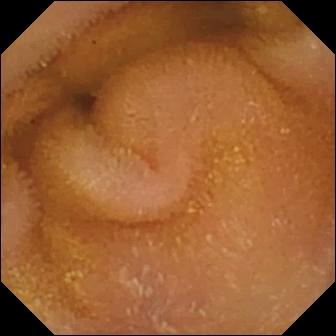WCE — normal clean mucosa.